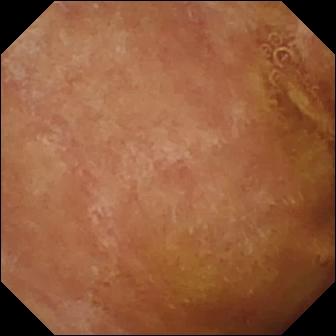modality: WCE | impression: normal clean mucosa